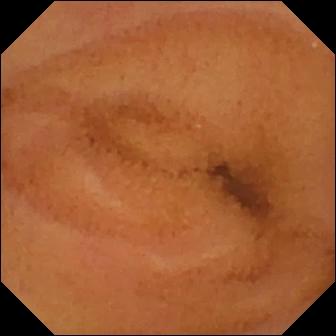Q: What does this WCE snapshot show?
A: Normal clean mucosa.